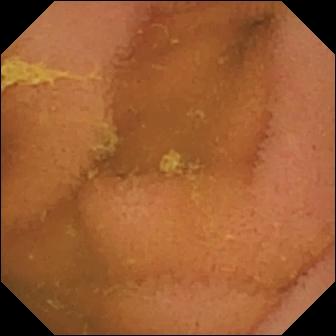{"modality": "video capsule endoscopy", "category": "luminal finding", "finding": "normal clean mucosa"}